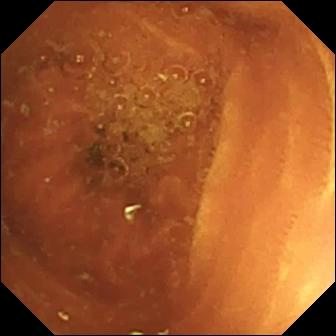modality: VCE | segment: small bowel | impression: normal clean mucosa